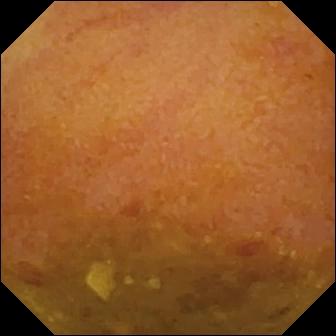WCE image (small intestine). Reduced mucosal view (content or bubbles obscuring the mucosa).